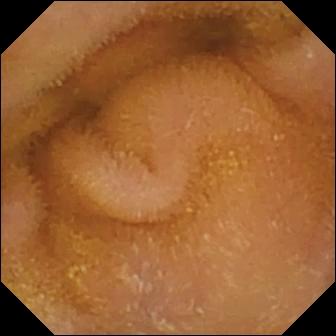- modality: capsule endoscopy
- observation: normal clean mucosa